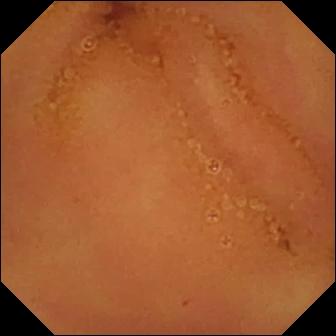WCE view
Label: normal clean mucosa